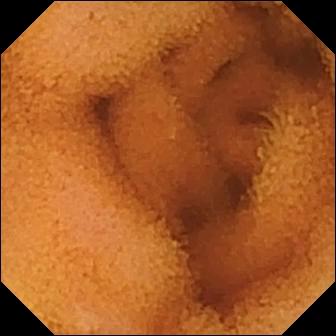{"modality": "WCE", "segment": "small bowel", "category": "luminal finding", "finding": "normal clean mucosa"}